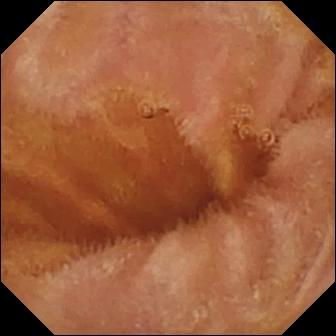- modality: wireless capsule endoscopy
- label: normal clean mucosa